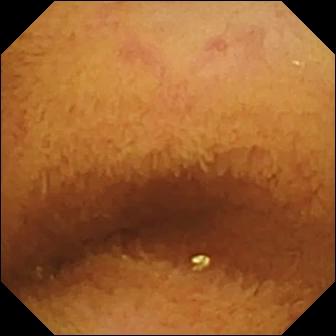Normal clean mucosa.